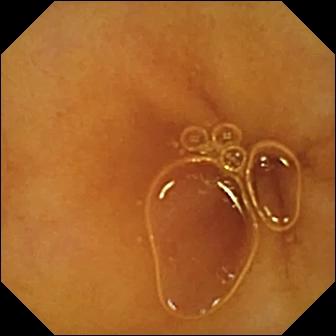Video capsule endoscopy. Impression: normal clean mucosa.